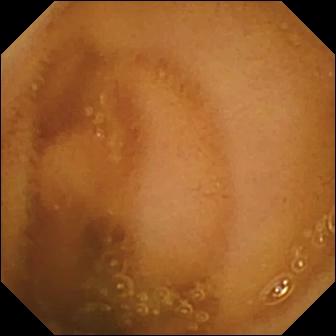{"modality": "video capsule endoscopy", "category": "luminal finding", "finding": "normal clean mucosa"}